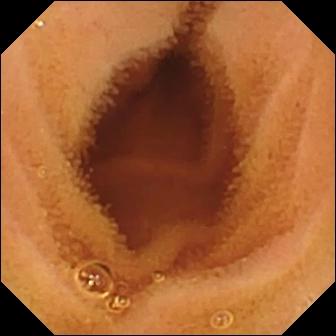Normal clean mucosa — video capsule endoscopy frame.